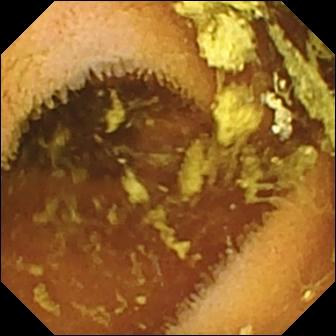modality: VCE
observation: normal clean mucosa